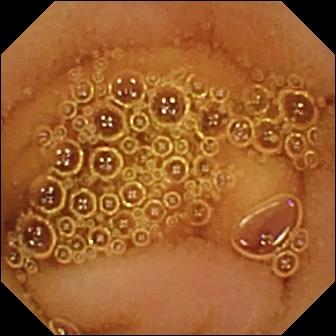Normal clean mucosa.